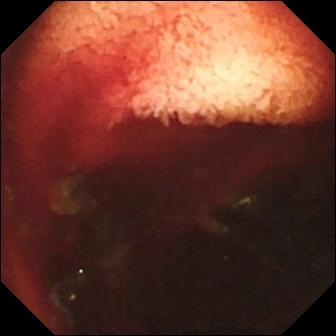VCE snapshot showing fresh blood in the lumen.